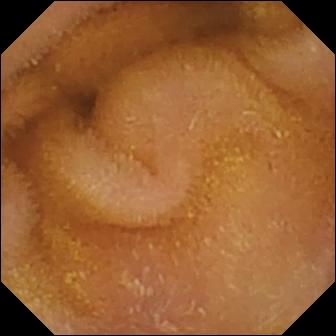WCE snapshot, small intestine
Observation: normal clean mucosa